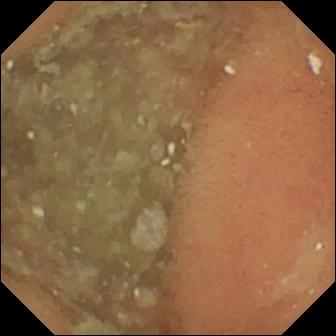modality: wireless capsule endoscopy | observation: normal clean mucosa